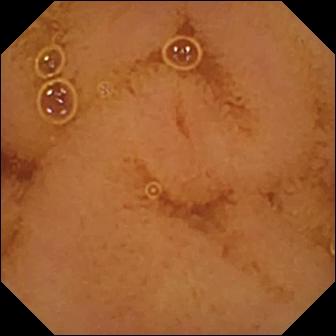{"modality": "small-bowel capsule endoscopy", "finding": "normal clean mucosa"}